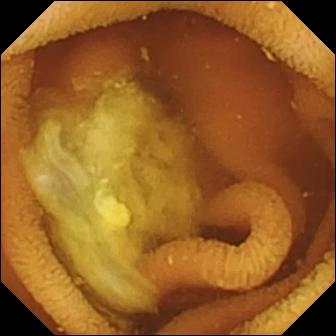Wireless capsule endoscopy frame of the small intestine showing normal clean mucosa.